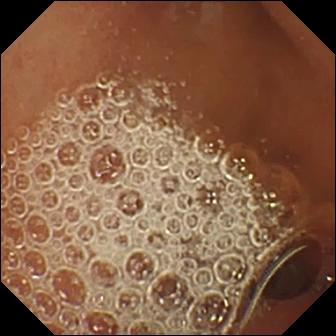modality: WCE
category: luminal finding
label: normal clean mucosa